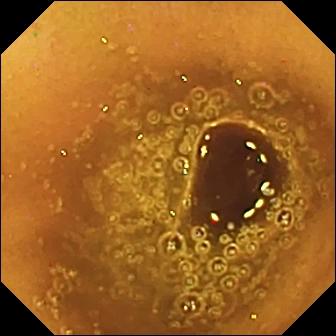VCE snapshot. Normal clean mucosa.